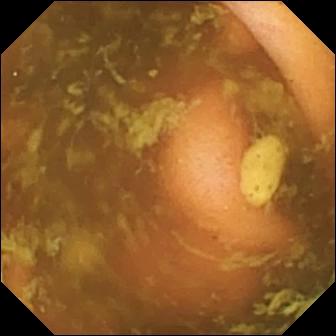Capsule endoscopy. Location: ileo-cecal valve region (the transition from the small bowel to the large bowel).